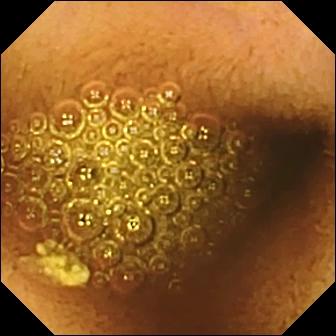PROCEDURE: Wireless capsule endoscopy.
SEGMENT: Small intestine.
FINDINGS: Reduced mucosal view (content or bubbles obscuring the mucosa).